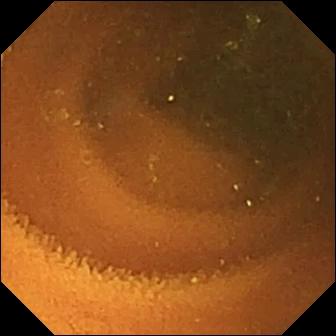Wireless capsule endoscopy still, 336×336. Normal clean mucosa.